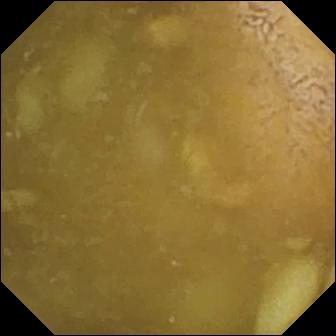Small-bowel capsule endoscopy — ileo-cecal valve region (where the capsule passes from the small bowel into the large bowel).